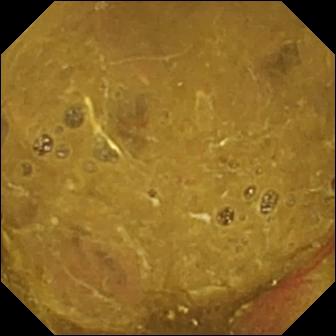VCE image
Label: ileo-cecal valve region